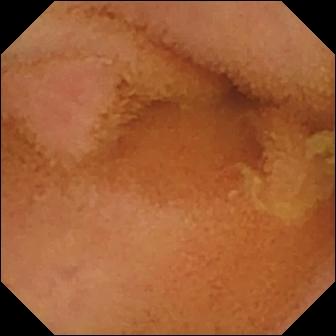modality: video capsule endoscopy; segment: small intestine; category: luminal finding; finding: normal clean mucosa